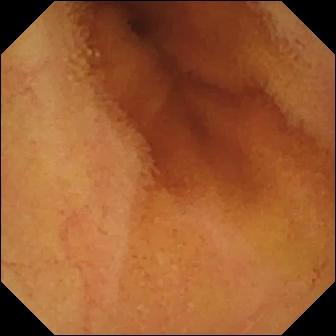modality: capsule endoscopy | observation: normal clean mucosa